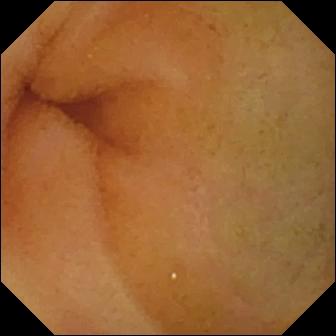PROCEDURE: Small-bowel capsule endoscopy.
SEGMENT: Small intestine.
FINDINGS: Normal clean mucosa.